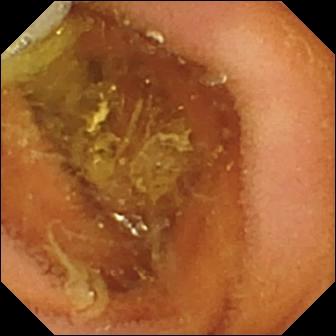Wireless capsule endoscopy image, small bowel
Label: normal clean mucosa